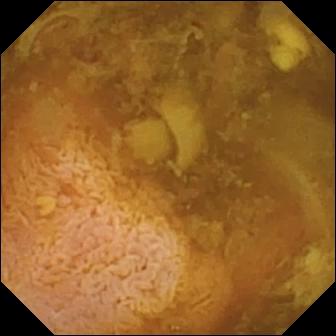WCE — reduced mucosal view (content or bubbles obscuring the mucosa).